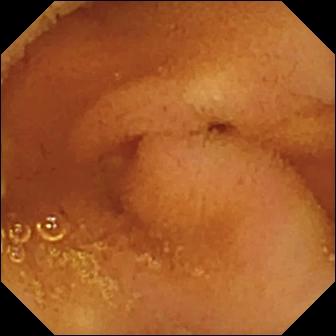VCE — normal clean mucosa.